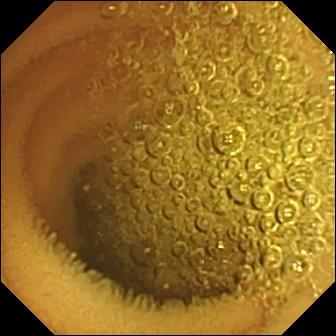Normal clean mucosa — capsule endoscopy snapshot.